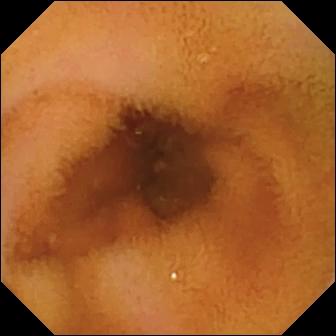Q: What does this VCE view show?
A: Normal clean mucosa.